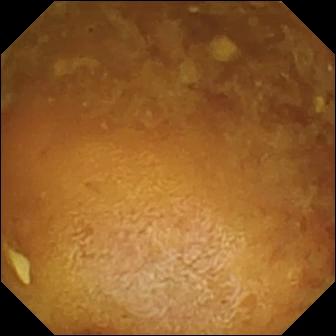Wireless capsule endoscopy snapshot (small bowel). Reduced mucosal view (content or bubbles obscuring the mucosa).